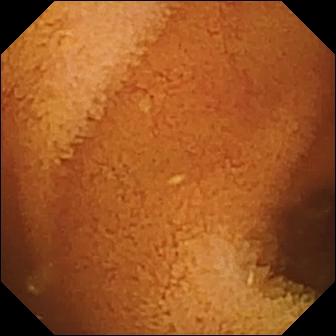Normal clean mucosa — wireless capsule endoscopy snapshot of the small bowel.